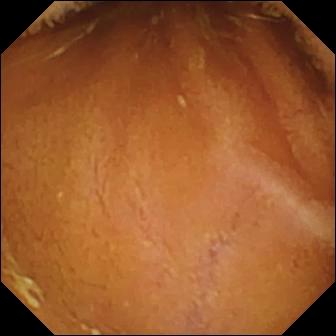Capsule endoscopy. Small bowel. Impression: normal clean mucosa.